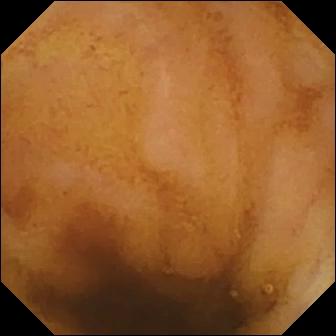- modality: video capsule endoscopy
- finding: normal clean mucosa